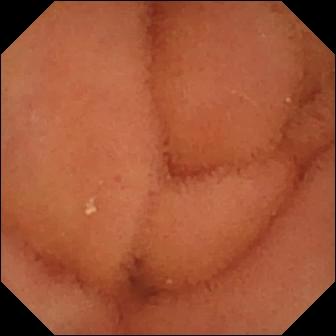Video capsule endoscopy still, small bowel
Label: normal clean mucosa